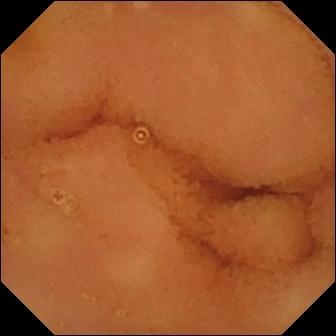Wireless capsule endoscopy. Observation: normal clean mucosa.